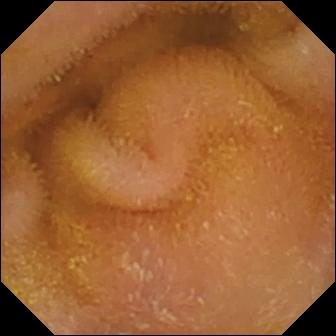Q: What does this video capsule endoscopy still show?
A: Normal clean mucosa.